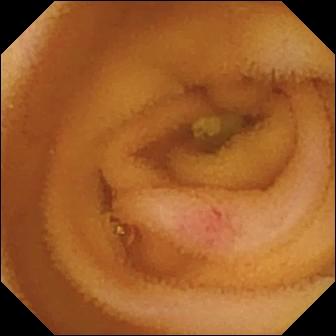PROCEDURE: Video capsule endoscopy.
FINDINGS: Angiectasia.